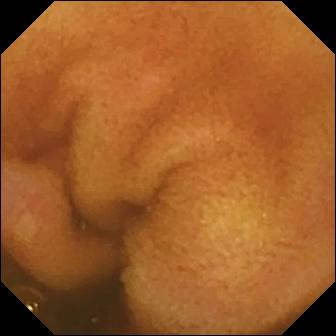modality: WCE; label: erosion